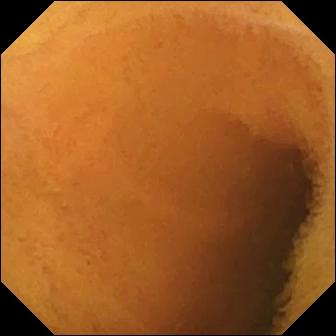WCE still of the small intestine showing normal clean mucosa.